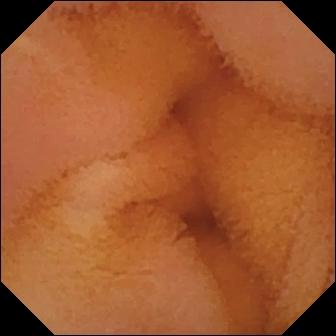Normal clean mucosa — video capsule endoscopy image of the small bowel.